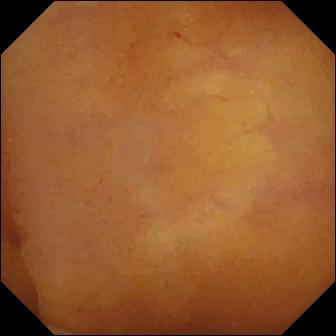- modality: small-bowel capsule endoscopy
- impression: normal clean mucosa